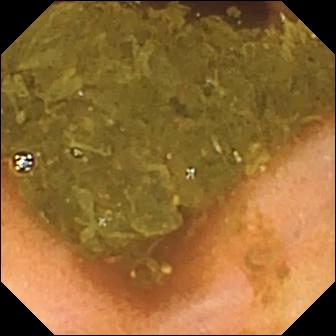- modality: wireless capsule endoscopy
- video segment: ileo-cecal valve region